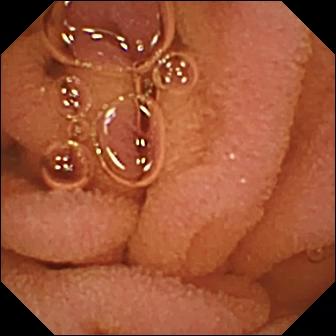WCE snapshot showing normal clean mucosa.